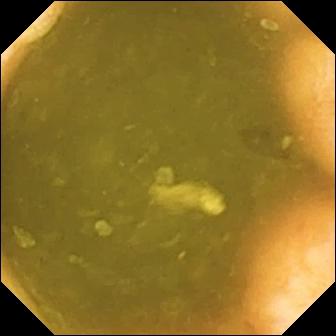Q: Where in the digestive tract was this small-bowel capsule endoscopy view taken?
A: Ileo-cecal valve region (where the capsule passes from the small bowel into the large bowel).